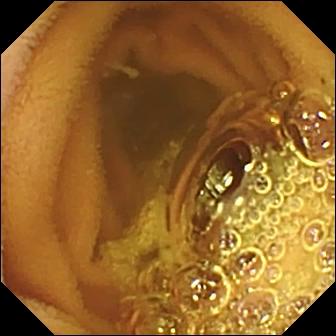Normal clean mucosa.